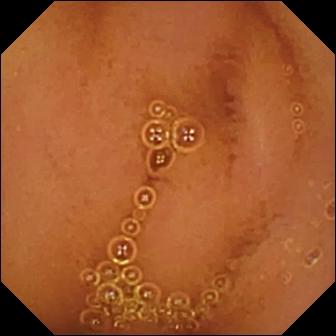modality: wireless capsule endoscopy; impression: normal clean mucosa